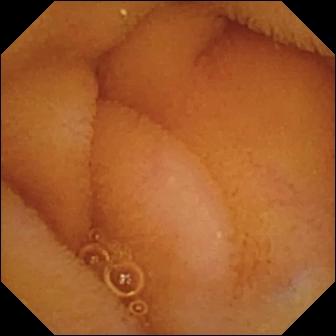Normal clean mucosa.